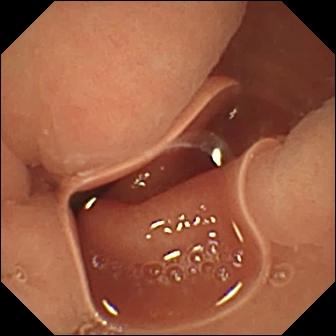Normal clean mucosa — wireless capsule endoscopy frame.